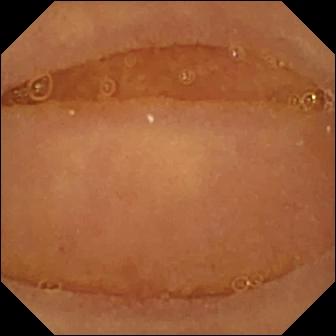- modality: small-bowel capsule endoscopy
- segment: small intestine
- category: luminal finding
- impression: normal clean mucosa